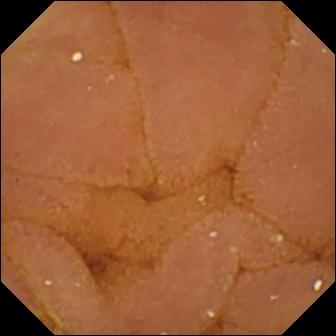Normal clean mucosa.